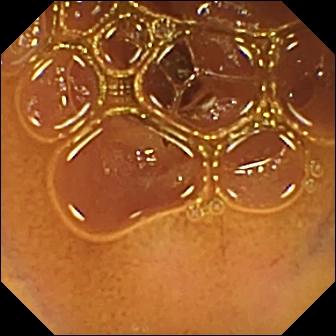Capsule endoscopy — normal clean mucosa.